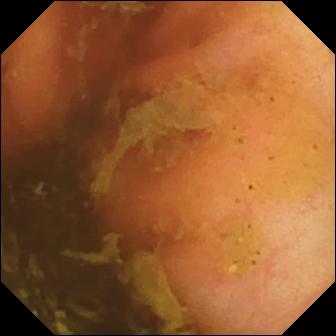Ileo-cecal valve region (where the capsule passes from the small bowel into the large bowel) — video capsule endoscopy snapshot.